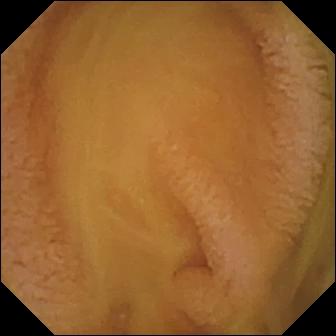Normal clean mucosa.